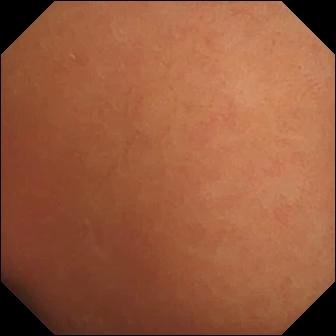{"modality": "small-bowel capsule endoscopy", "category": "luminal finding", "finding": "normal clean mucosa"}